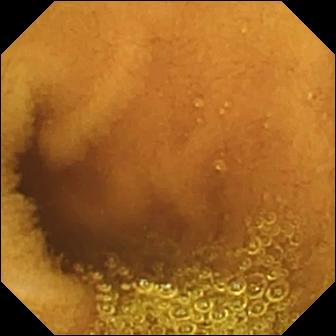- modality: capsule endoscopy
- finding: normal clean mucosa